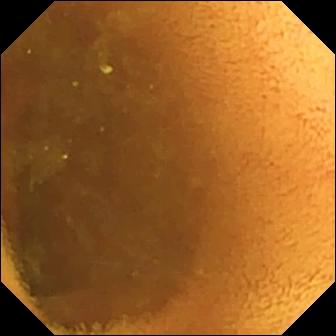Q: What does this video capsule endoscopy still of the small bowel show?
A: Normal clean mucosa.